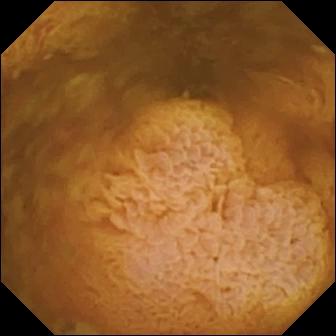This small-bowel capsule endoscopy still shows reduced mucosal view (content or bubbles obscuring the mucosa).